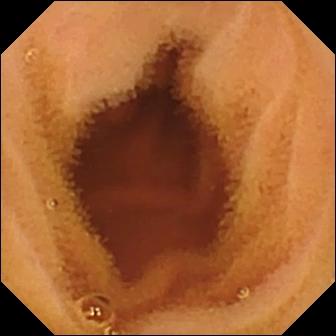Capsule endoscopy still. Normal clean mucosa.